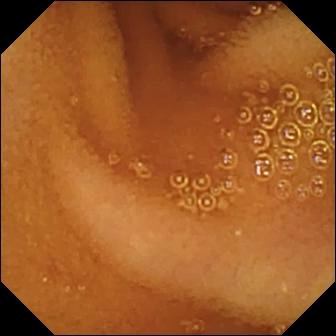WCE image showing normal clean mucosa.